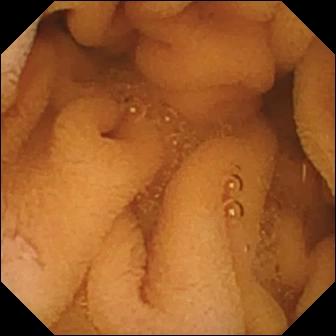{"modality": "capsule endoscopy", "finding": "normal clean mucosa"}